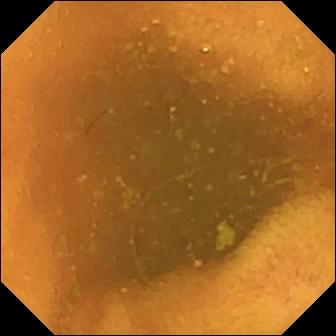Q: What does this WCE still of the small bowel show?
A: Normal clean mucosa.